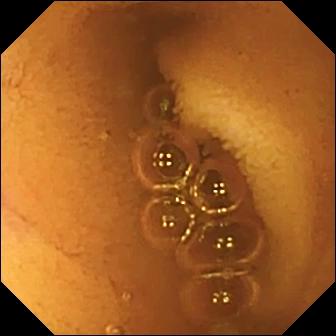Normal clean mucosa.